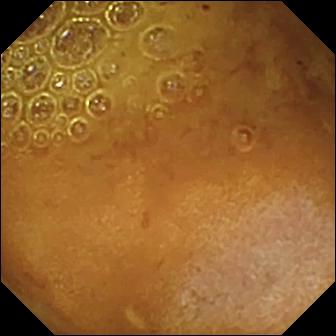Q: What does this capsule endoscopy image show?
A: Reduced mucosal view (content or bubbles obscuring the mucosa).